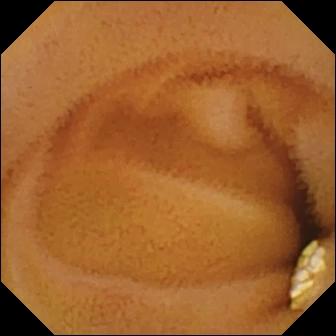Capsule endoscopy frame
Finding: lymphangiectasia